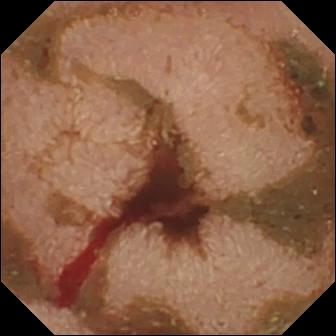WCE — fresh blood in the lumen.